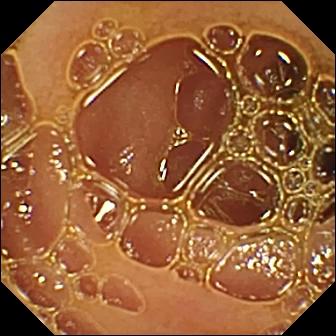Small-bowel capsule endoscopy view
Finding: normal clean mucosa